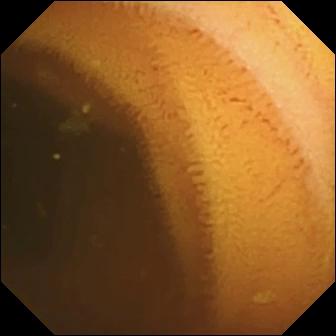Wireless capsule endoscopy view (small intestine), 336×336. Normal clean mucosa.